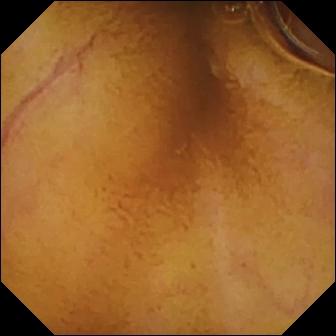Small-bowel capsule endoscopy. Small bowel. Luminal finding. Impression: normal clean mucosa.